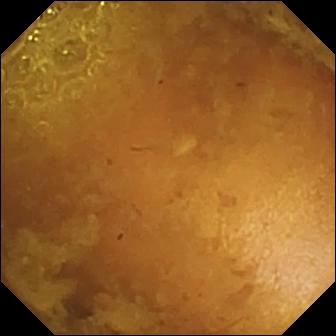Q: What does this WCE view show?
A: Reduced mucosal view (content or bubbles obscuring the mucosa).